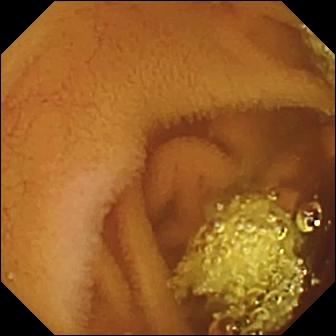WCE snapshot, small bowel
Impression: normal clean mucosa